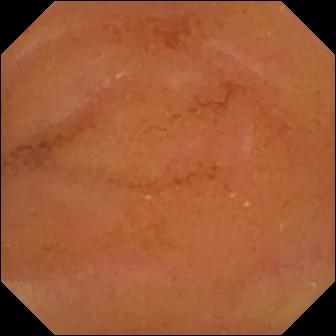WCE view of the small bowel showing normal clean mucosa.